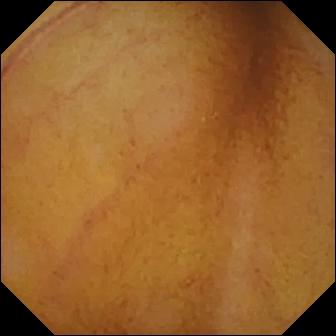Normal clean mucosa — WCE view of the small intestine.